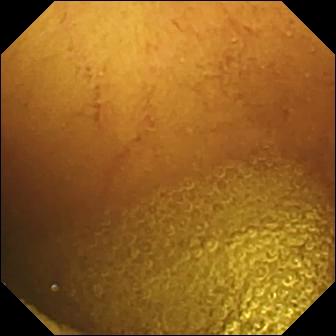WCE still showing normal clean mucosa.